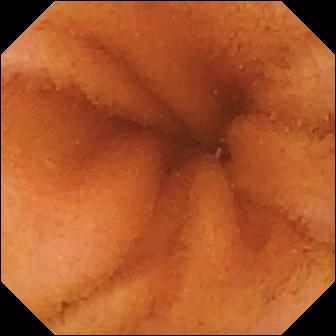Normal clean mucosa — wireless capsule endoscopy snapshot.